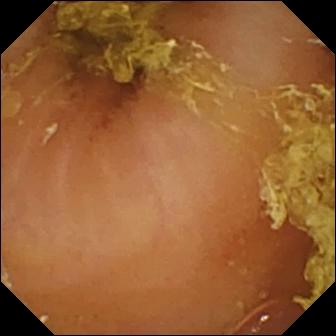Normal clean mucosa — VCE frame.